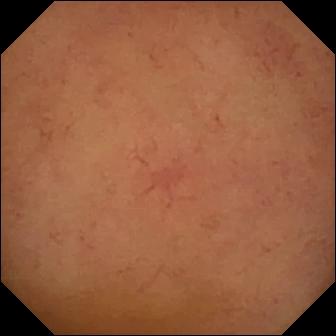This small-bowel capsule endoscopy view shows normal clean mucosa.